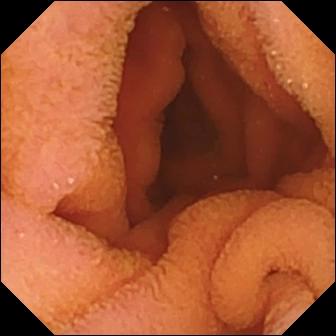{"modality": "WCE", "finding": "normal clean mucosa"}